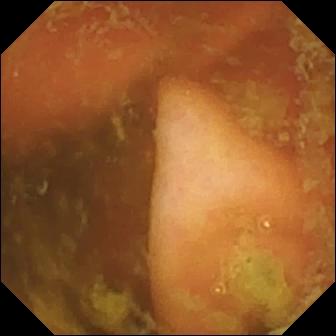Q: Where in the digestive tract was this VCE snapshot taken?
A: Ileo-cecal valve region (the transition from the small bowel to the large bowel).